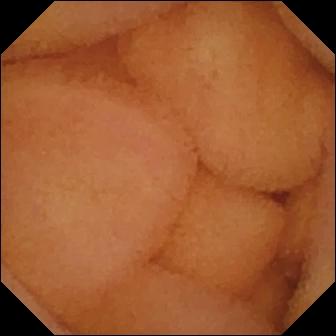VCE snapshot (small bowel). Normal clean mucosa.